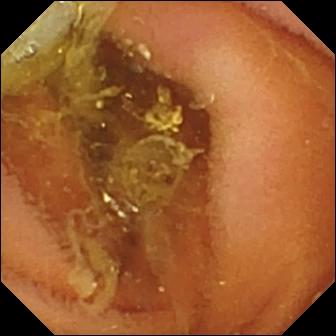{"modality": "video capsule endoscopy", "segment": "small bowel", "category": "luminal finding", "finding": "normal clean mucosa"}